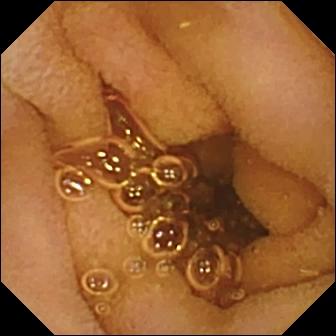modality: VCE | category: luminal finding | impression: normal clean mucosa